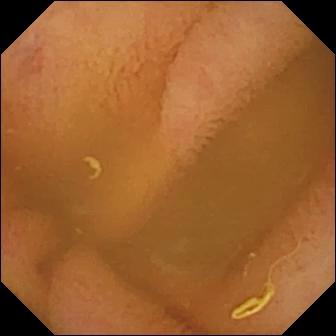Video capsule endoscopy view showing normal clean mucosa.